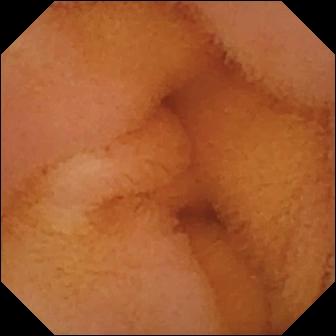{"modality": "WCE", "finding": "normal clean mucosa"}